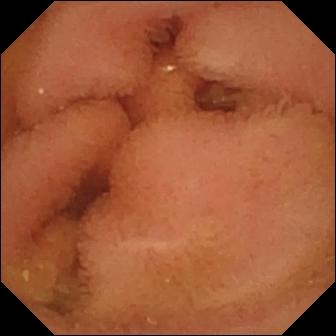WCE view
Label: normal clean mucosa